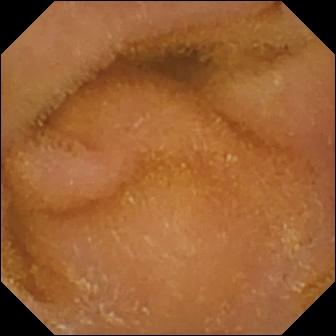{"modality": "VCE", "segment": "small bowel", "finding": "normal clean mucosa"}